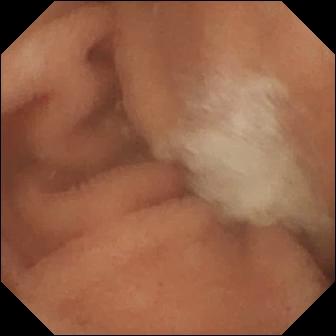Small-bowel capsule endoscopy — normal clean mucosa.